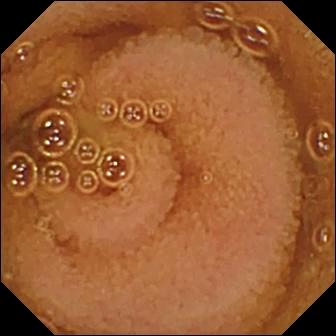VCE. Small intestine. Luminal finding. Finding: normal clean mucosa.